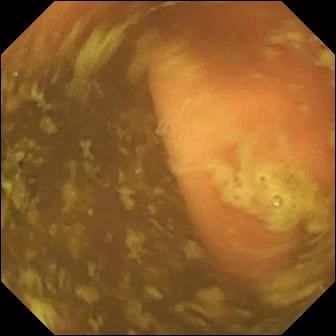{"modality": "WCE", "category": "anatomical landmark", "location": "ileo-cecal valve region (the transition from the small bowel to the large bowel)"}